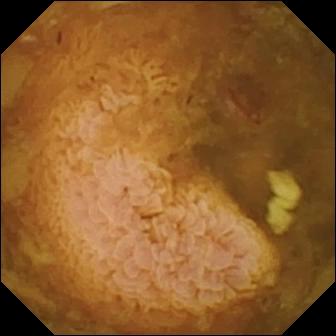Wireless capsule endoscopy frame showing reduced mucosal view (content or bubbles obscuring the mucosa).